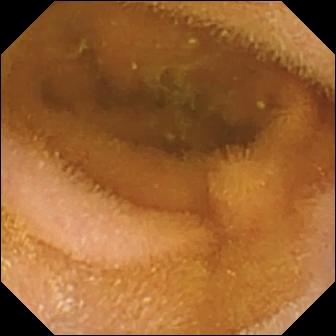PROCEDURE: Small-bowel capsule endoscopy.
FINDINGS: Normal clean mucosa.